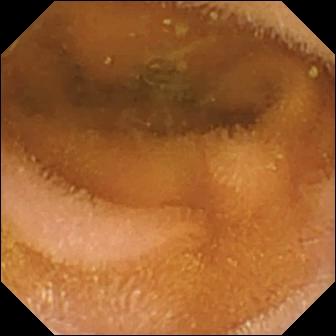modality: VCE
impression: normal clean mucosa